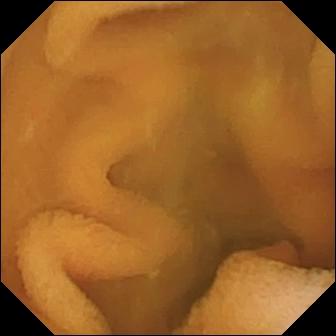VCE still, small bowel
Impression: normal clean mucosa